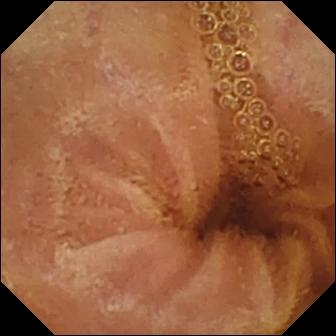- modality: small-bowel capsule endoscopy
- segment: small bowel
- category: luminal finding
- label: normal clean mucosa